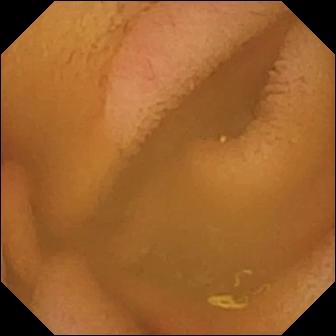- modality: small-bowel capsule endoscopy
- segment: small bowel
- finding: normal clean mucosa